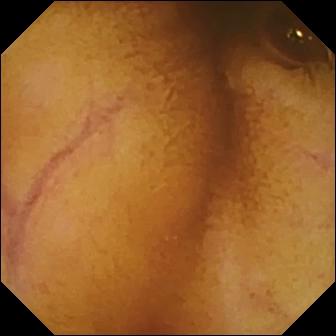Normal clean mucosa.